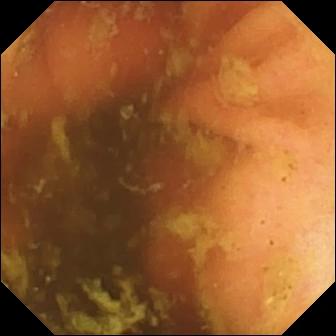WCE. Position: ileo-cecal valve region (where the capsule passes from the small bowel into the large bowel).